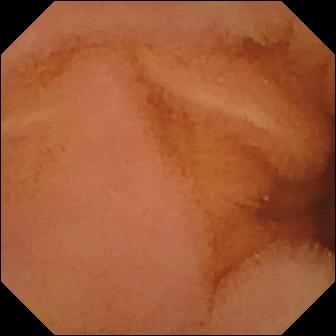Wireless capsule endoscopy. Small intestine. Luminal finding. Observation: normal clean mucosa.